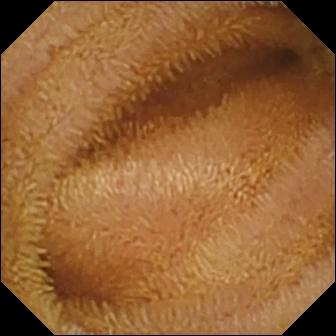Q: What does this video capsule endoscopy view show?
A: Normal clean mucosa.